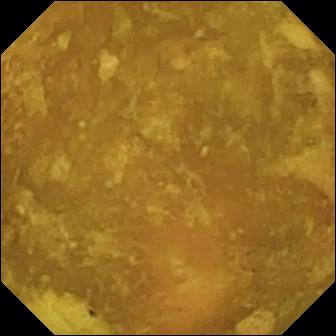Capsule endoscopy snapshot (small intestine). Reduced mucosal view (content or bubbles obscuring the mucosa).